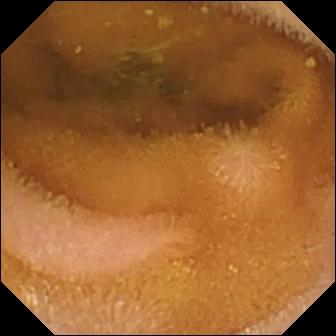PROCEDURE: Video capsule endoscopy.
FINDINGS: Normal clean mucosa.